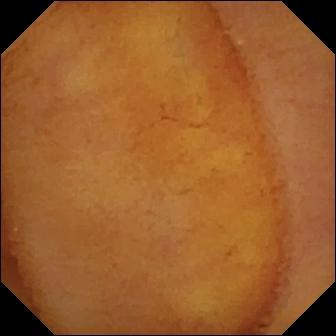VCE — normal clean mucosa.